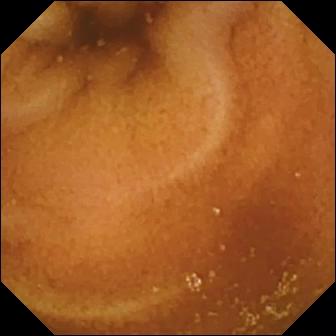VCE. Impression: normal clean mucosa.